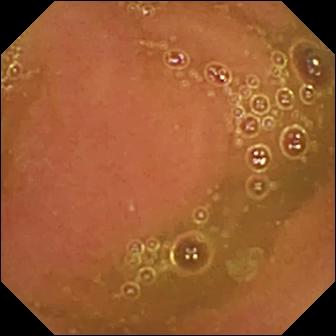PROCEDURE: Capsule endoscopy.
FINDINGS: Normal clean mucosa.